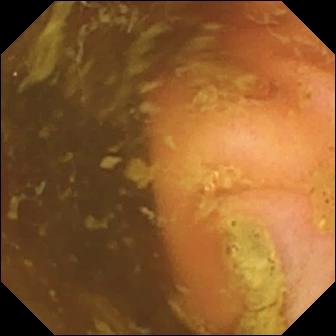{"modality": "capsule endoscopy", "label": "ileo-cecal valve region"}